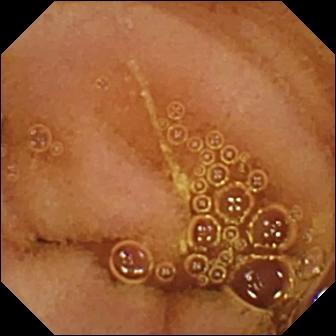- modality: wireless capsule endoscopy
- label: normal clean mucosa